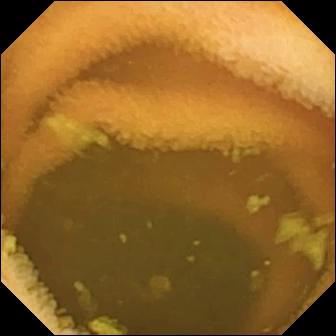Q: What does this capsule endoscopy snapshot show?
A: Normal clean mucosa.